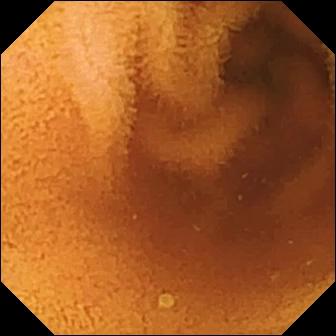PROCEDURE: Video capsule endoscopy.
FINDINGS: Normal clean mucosa.